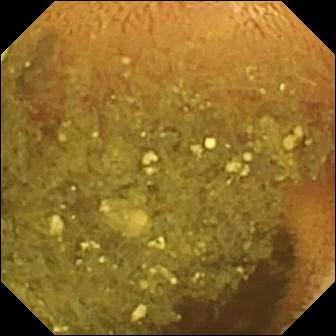- modality: WCE
- segment: small intestine
- finding: reduced mucosal view (content or bubbles obscuring the mucosa)